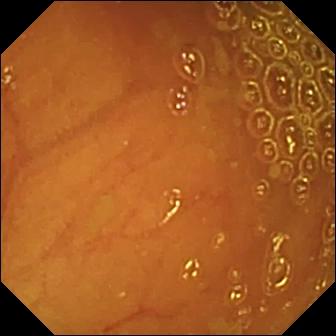Video capsule endoscopy — ileo-cecal valve region (the transition from the small bowel to the large bowel).